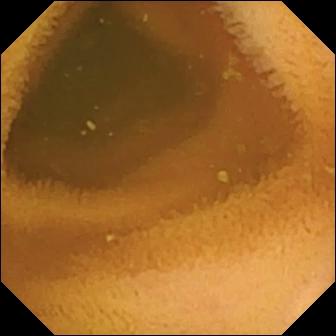VCE snapshot (small bowel). Normal clean mucosa.